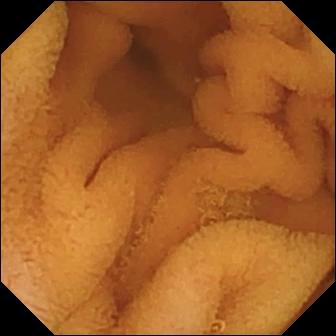This wireless capsule endoscopy frame shows normal clean mucosa.